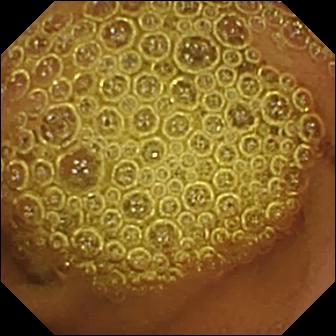This WCE view of the small intestine shows normal clean mucosa.